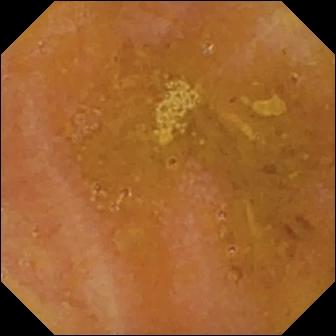Video capsule endoscopy. Label: reduced mucosal view (content or bubbles obscuring the mucosa).